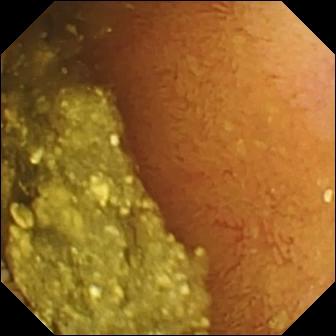Q: What does this video capsule endoscopy still show?
A: Normal clean mucosa.